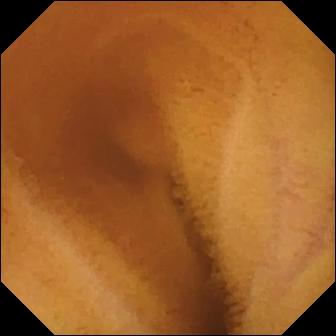modality: capsule endoscopy | label: normal clean mucosa